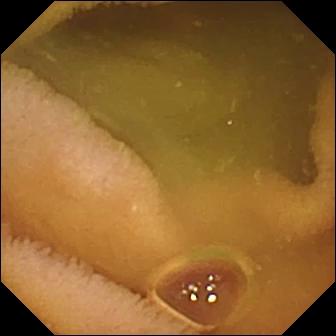modality: video capsule endoscopy | label: normal clean mucosa